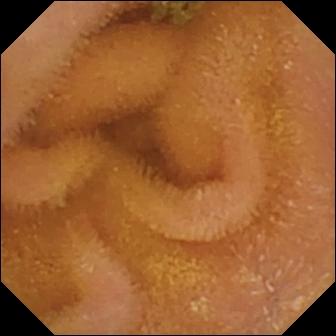- modality: small-bowel capsule endoscopy
- segment: small bowel
- category: luminal finding
- finding: normal clean mucosa